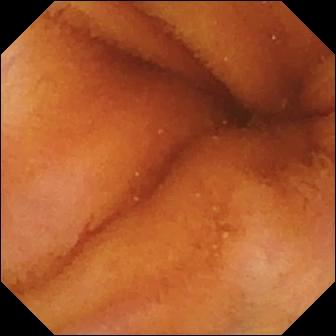modality: small-bowel capsule endoscopy
segment: small intestine
label: normal clean mucosa